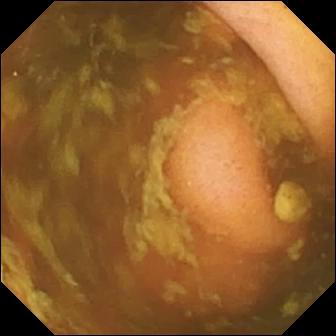PROCEDURE: WCE.
VIDEO SEGMENT: Ileo-cecal valve region.